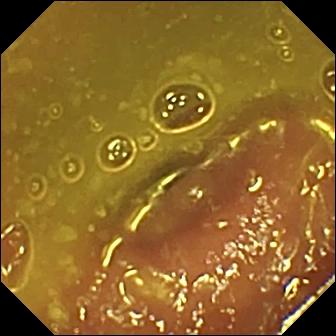Small-bowel capsule endoscopy frame. Taken in the ileo-cecal valve region (the transition from the small bowel to the large bowel).